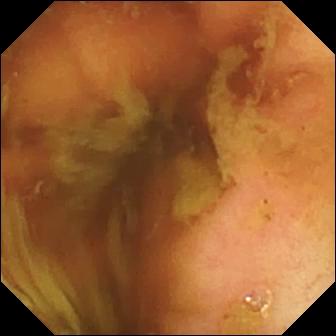WCE. Near an anatomical landmark. Label: ileo-cecal valve region (where the capsule passes from the small bowel into the large bowel).